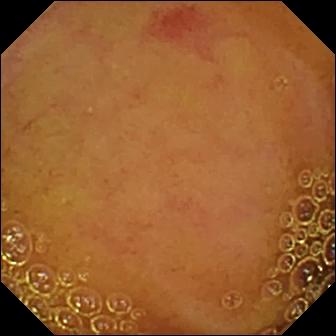This VCE view shows angiectasia.